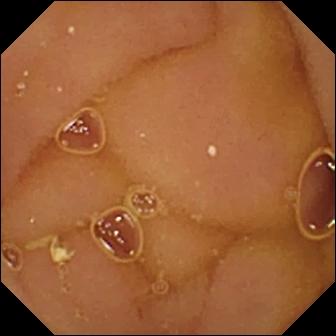PROCEDURE: Video capsule endoscopy.
SEGMENT: Small intestine.
FINDINGS: Normal clean mucosa.